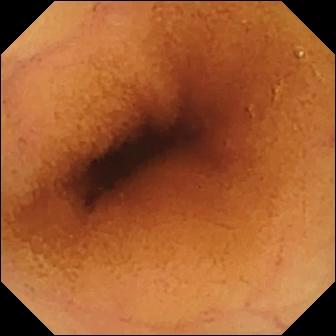modality: video capsule endoscopy
category: luminal finding
observation: normal clean mucosa